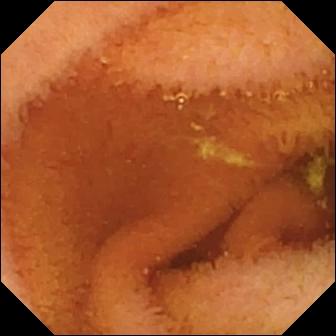Capsule endoscopy frame
Impression: normal clean mucosa